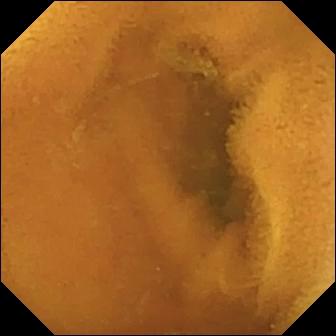Wireless capsule endoscopy. Small intestine. Luminal finding. Impression: normal clean mucosa.